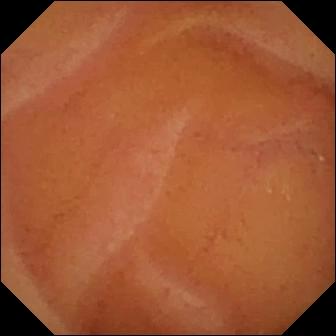Normal clean mucosa.